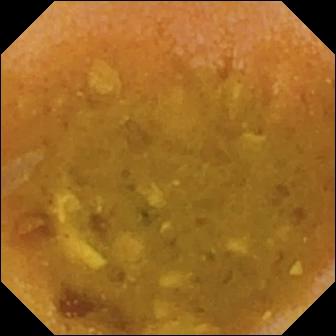PROCEDURE: Capsule endoscopy.
SEGMENT: Small intestine.
FINDINGS: Reduced mucosal view (content or bubbles obscuring the mucosa).